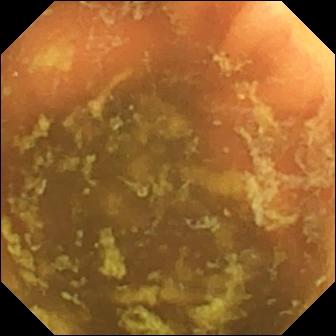WCE snapshot
Label: ileo-cecal valve region (the transition from the small bowel to the large bowel)